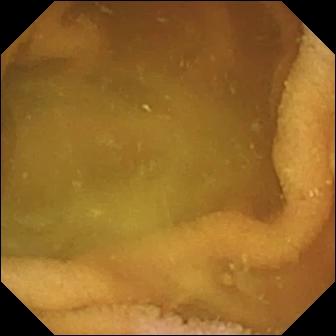This wireless capsule endoscopy still shows normal clean mucosa.